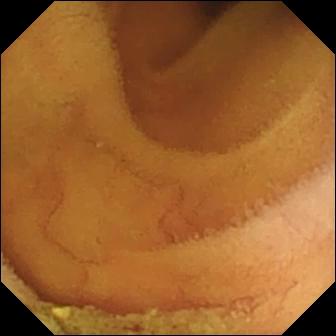Normal clean mucosa — video capsule endoscopy frame of the small bowel.